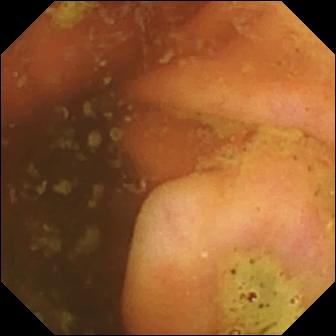Ileo-cecal valve region (the transition from the small bowel to the large bowel) — capsule endoscopy view.